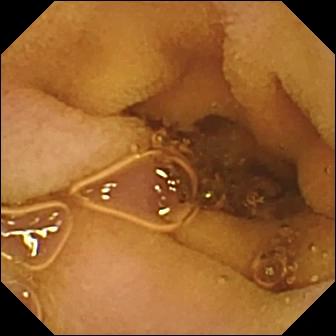This WCE view of the small bowel shows normal clean mucosa.